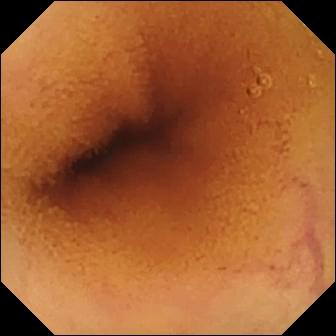WCE — normal clean mucosa.